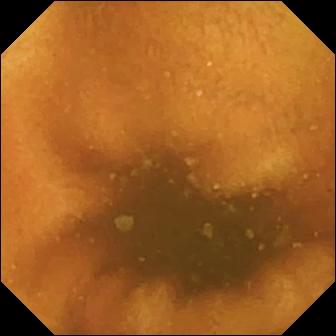modality: wireless capsule endoscopy
segment: small bowel
label: normal clean mucosa